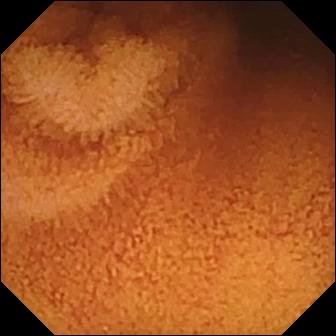Video capsule endoscopy image
Impression: normal clean mucosa